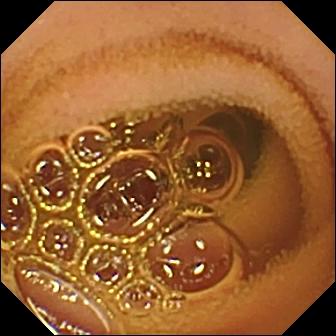VCE. Small intestine. Observation: normal clean mucosa.